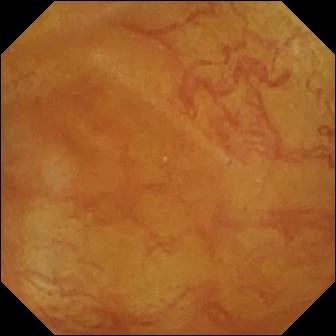modality: capsule endoscopy; label: ileo-cecal valve region (where the capsule passes from the small bowel into the large bowel)